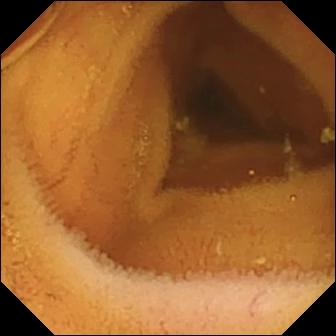Normal clean mucosa.